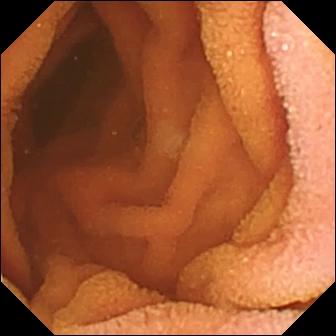{"modality": "WCE", "segment": "small bowel", "finding": "normal clean mucosa"}